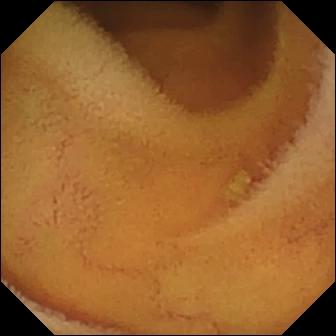- modality: wireless capsule endoscopy
- segment: small intestine
- finding: normal clean mucosa